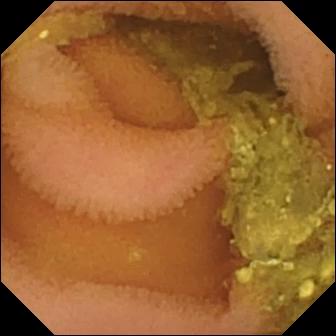- modality: WCE
- category: luminal finding
- label: normal clean mucosa